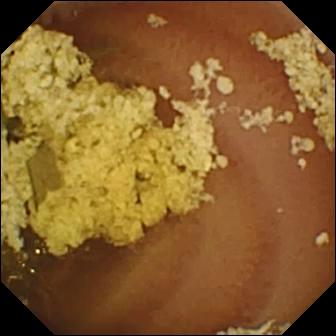VCE image of the small intestine showing normal clean mucosa.